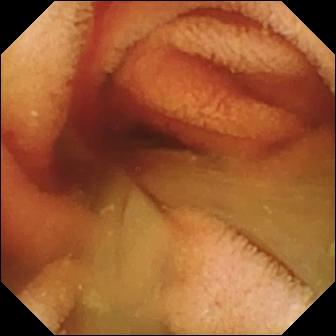{"modality": "capsule endoscopy", "category": "luminal finding", "finding": "fresh blood in the lumen"}